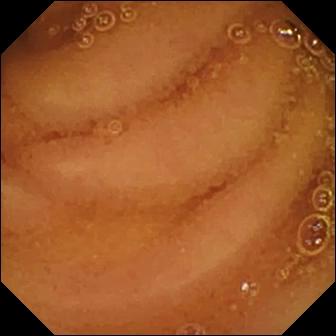Small-bowel capsule endoscopy — normal clean mucosa.